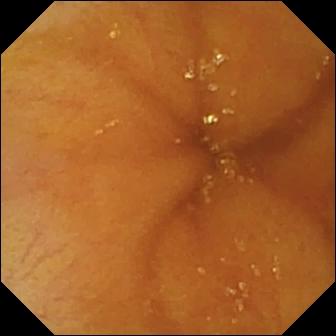WCE still. Taken in the ileo-cecal valve region (where the capsule passes from the small bowel into the large bowel).